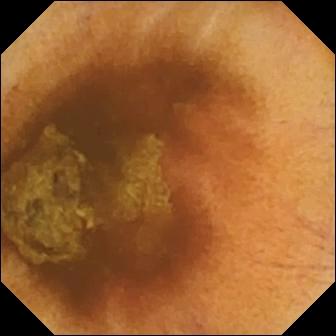Video capsule endoscopy image. Normal clean mucosa.